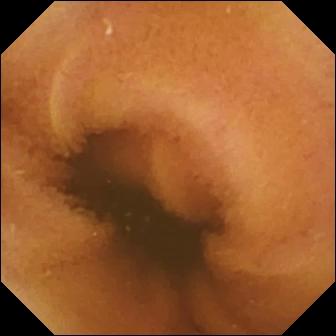Normal clean mucosa.